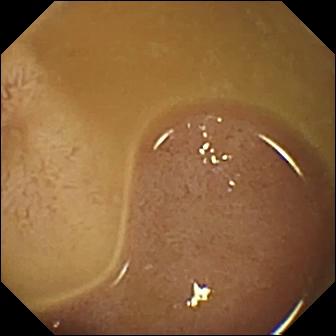Ileo-cecal valve region (the transition from the small bowel to the large bowel) — small-bowel capsule endoscopy frame.